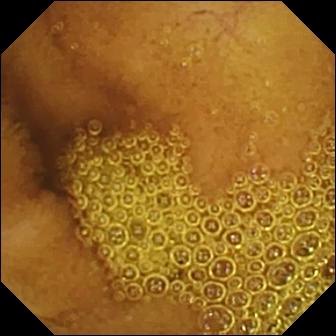Normal clean mucosa (336×336).